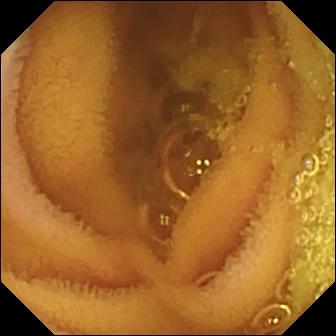Small-bowel capsule endoscopy still, small bowel
Impression: normal clean mucosa